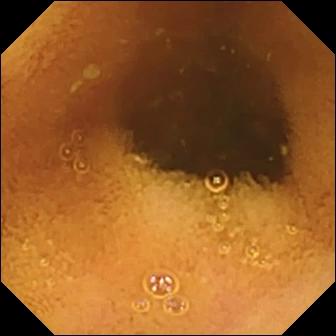PROCEDURE: Wireless capsule endoscopy.
FINDINGS: Normal clean mucosa.